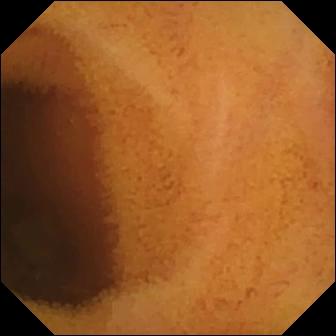Wireless capsule endoscopy image. Normal clean mucosa.